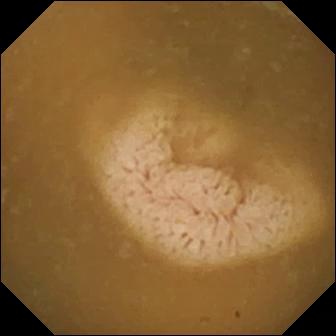This VCE still was taken in the ileo-cecal valve region (where the capsule passes from the small bowel into the large bowel).